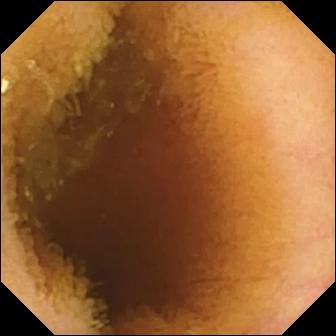{"modality": "VCE", "segment": "small intestine", "category": "luminal finding", "finding": "normal clean mucosa"}